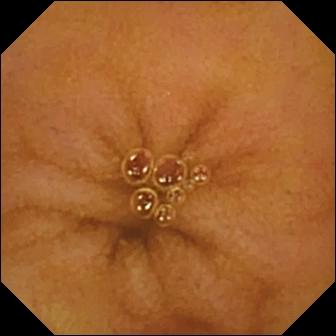modality: video capsule endoscopy
observation: normal clean mucosa